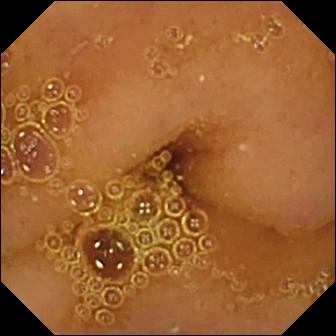Small-bowel capsule endoscopy still
Finding: normal clean mucosa